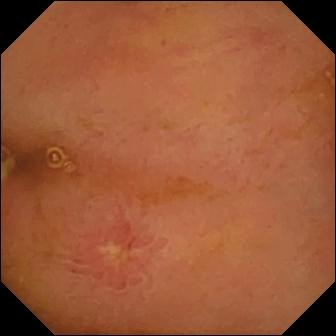This WCE snapshot shows ulcer.